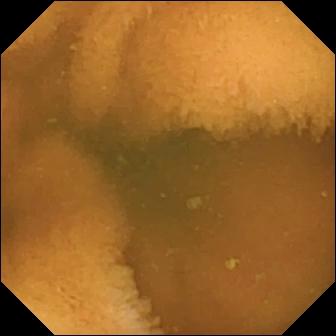Normal clean mucosa — WCE snapshot.